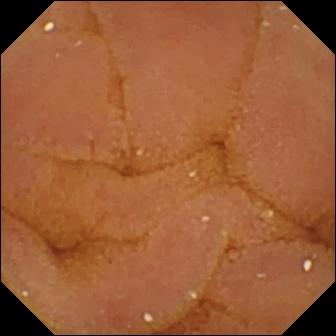Normal clean mucosa.